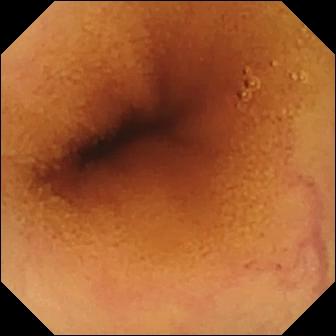{"modality": "video capsule endoscopy", "segment": "small intestine", "category": "luminal finding", "finding": "normal clean mucosa"}